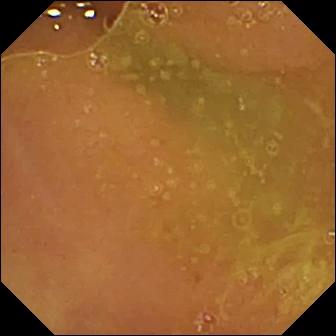modality: video capsule endoscopy | label: normal clean mucosa